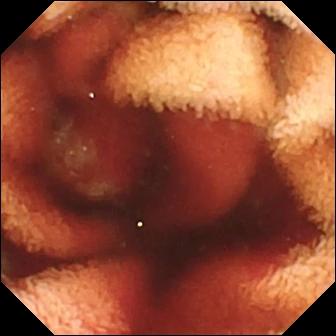- modality: capsule endoscopy
- finding: fresh blood in the lumen